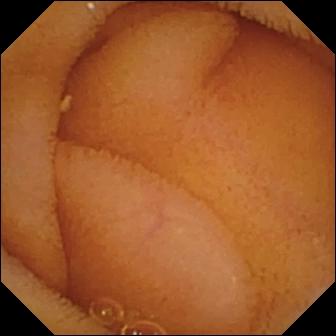PROCEDURE: Small-bowel capsule endoscopy.
FINDINGS: Normal clean mucosa.